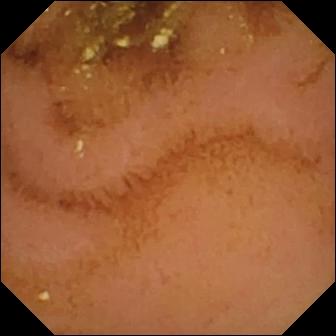Normal clean mucosa — small-bowel capsule endoscopy frame of the small bowel.